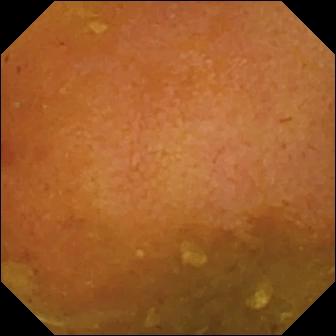Wireless capsule endoscopy. Small intestine. Luminal finding. Observation: reduced mucosal view (content or bubbles obscuring the mucosa).